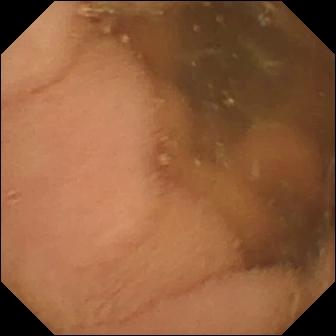Normal clean mucosa — VCE frame of the small bowel.